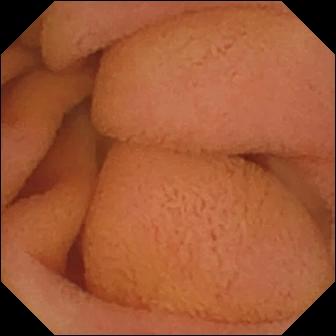This capsule endoscopy image shows normal clean mucosa.